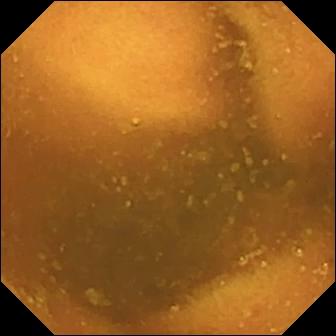PROCEDURE: Video capsule endoscopy.
SEGMENT: Small bowel.
FINDINGS: Normal clean mucosa.